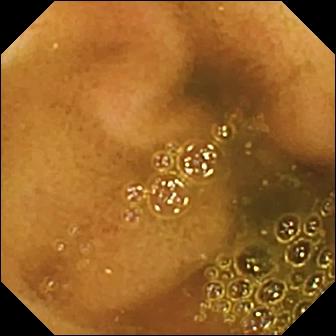Wireless capsule endoscopy image
Label: ileo-cecal valve region (where the capsule passes from the small bowel into the large bowel)